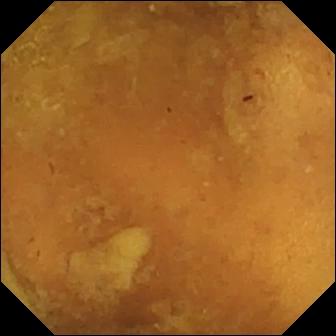Capsule endoscopy — reduced mucosal view (content or bubbles obscuring the mucosa).